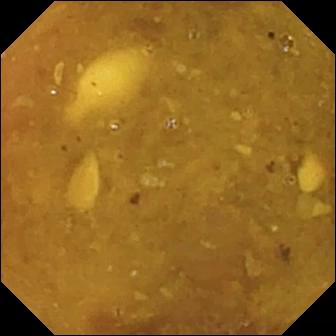Capsule endoscopy — reduced mucosal view (content or bubbles obscuring the mucosa).